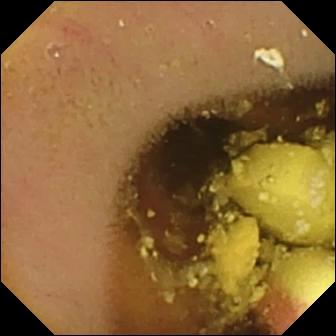Capsule endoscopy frame showing foreign body (e.g. retained capsule, tablet residue).